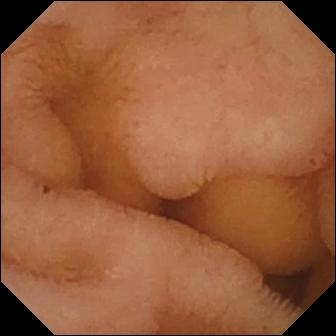WCE frame, small bowel
Observation: normal clean mucosa